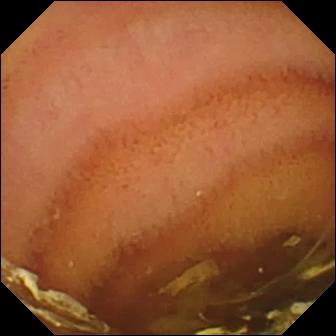modality: VCE; segment: small intestine; category: luminal finding; impression: normal clean mucosa